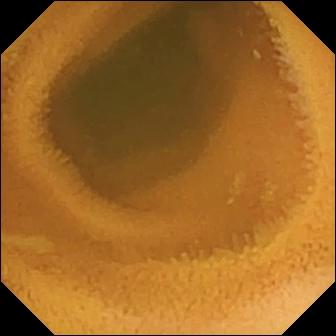Small-bowel capsule endoscopy image of the small intestine showing normal clean mucosa.